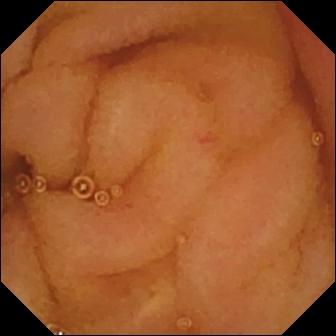Q: What does this small-bowel capsule endoscopy still show?
A: Normal clean mucosa.